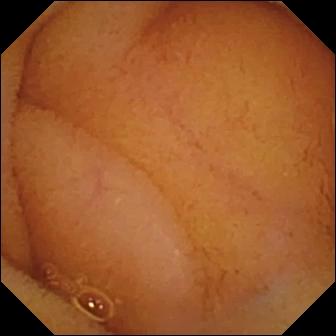Normal clean mucosa.